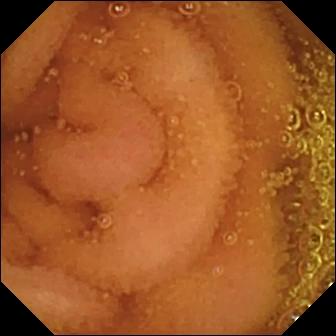Normal clean mucosa.